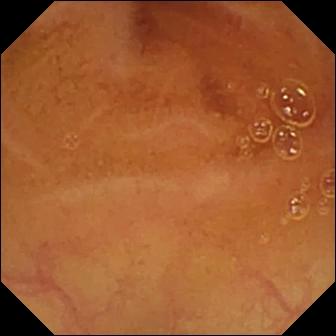PROCEDURE: WCE.
FINDINGS: Normal clean mucosa.